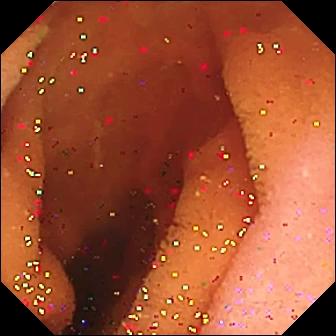Video capsule endoscopy still taken in the pylorus region.